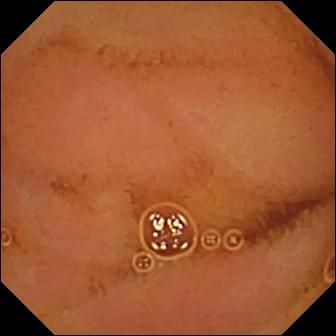Normal clean mucosa.